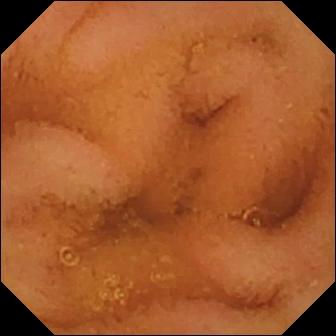Capsule endoscopy still (small bowel). Normal clean mucosa.